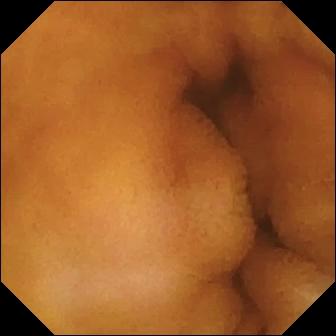Small-bowel capsule endoscopy still. Normal clean mucosa.